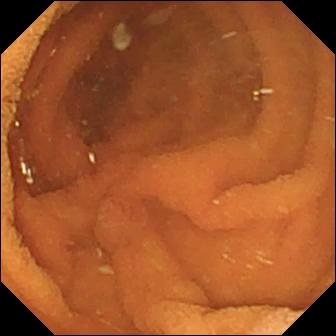VCE. Small intestine. Impression: normal clean mucosa.